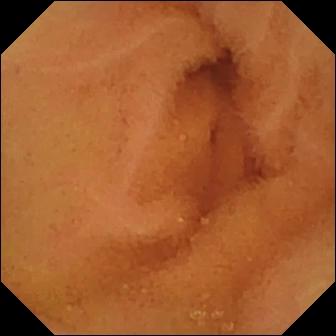Video capsule endoscopy — normal clean mucosa.